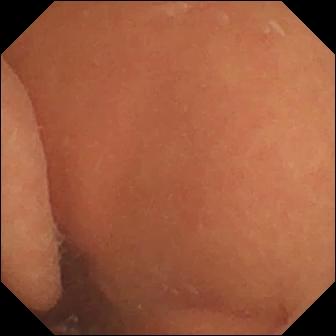VCE image showing normal clean mucosa.